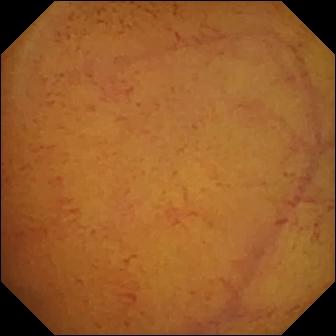Normal clean mucosa.